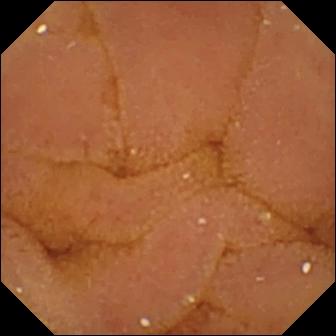Wireless capsule endoscopy image, small intestine
Finding: normal clean mucosa